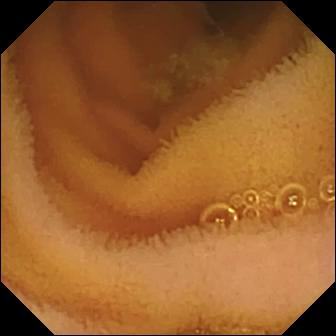Video capsule endoscopy. Small bowel. Observation: normal clean mucosa.